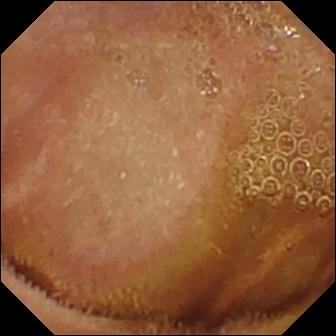Small-bowel capsule endoscopy frame of the small intestine showing normal clean mucosa.